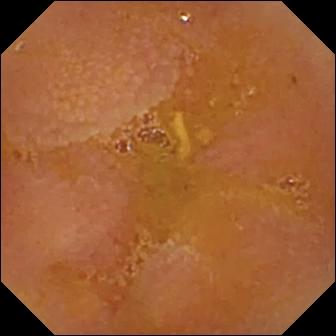WCE snapshot (small bowel). Reduced mucosal view (content or bubbles obscuring the mucosa).